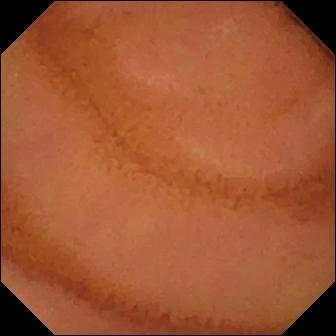Normal clean mucosa.